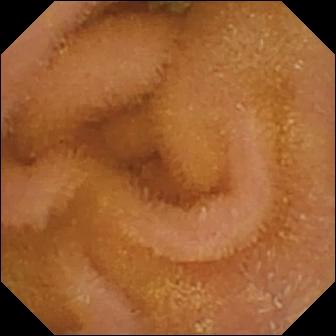VCE snapshot
Finding: normal clean mucosa